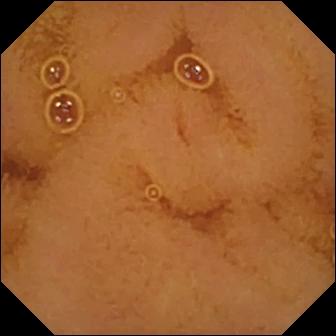Video capsule endoscopy view, 336×336. Normal clean mucosa.